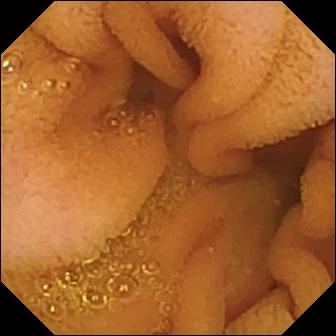VCE frame showing normal clean mucosa.